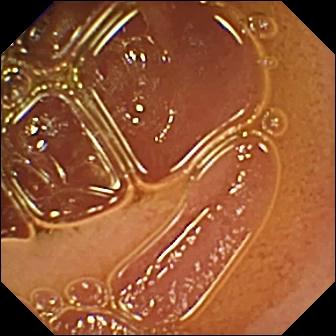modality: wireless capsule endoscopy
observation: normal clean mucosa